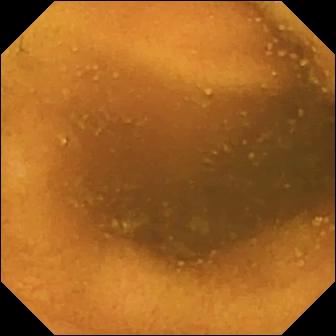Wireless capsule endoscopy image, small intestine
Observation: normal clean mucosa